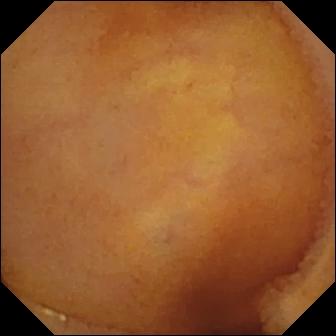{"modality": "capsule endoscopy", "finding": "normal clean mucosa"}